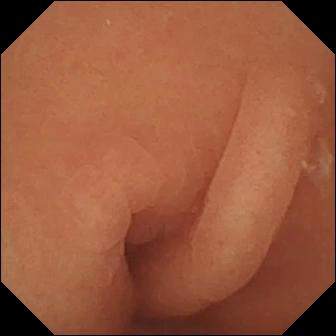This capsule endoscopy image shows normal clean mucosa.